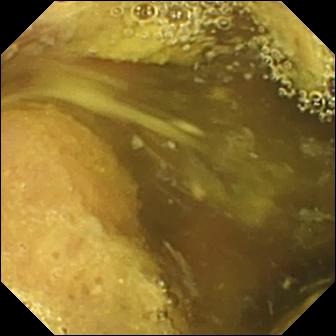Wireless capsule endoscopy — ileo-cecal valve region (the transition from the small bowel to the large bowel).